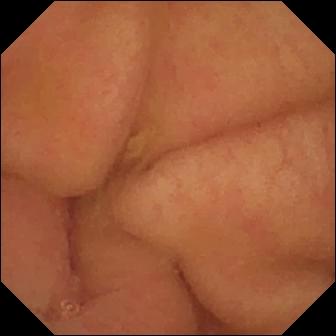Q: Where in the digestive tract was this wireless capsule endoscopy still taken?
A: Pylorus region (the junction between the stomach and the small bowel).